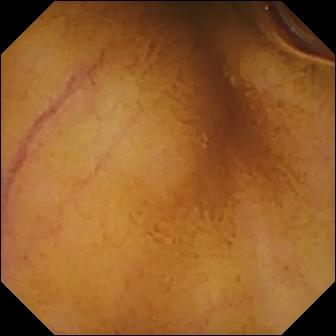Q: What does this WCE snapshot show?
A: Normal clean mucosa.